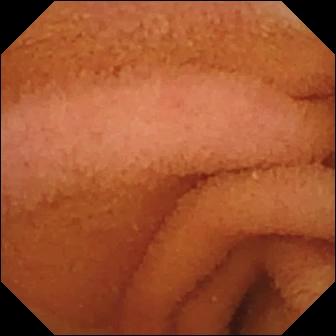Normal clean mucosa.